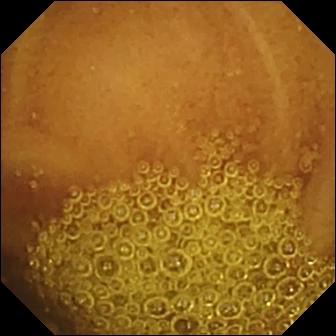Small-bowel capsule endoscopy — normal clean mucosa.